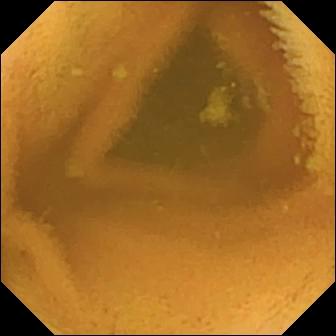Normal clean mucosa (336×336).